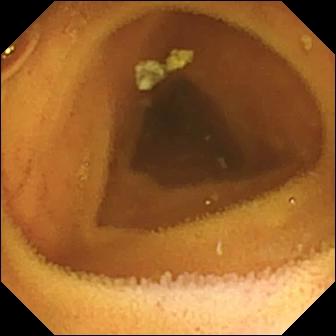Normal clean mucosa.